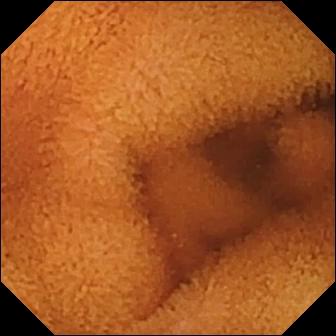PROCEDURE: Wireless capsule endoscopy.
FINDINGS: Normal clean mucosa.